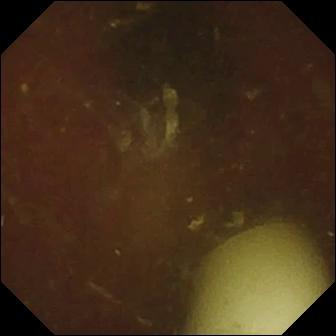Q: What does this video capsule endoscopy frame show?
A: Foreign body (e.g. retained capsule, tablet residue).